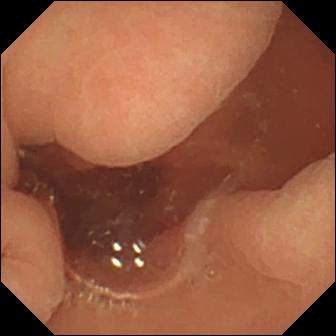Video capsule endoscopy image. Normal clean mucosa.